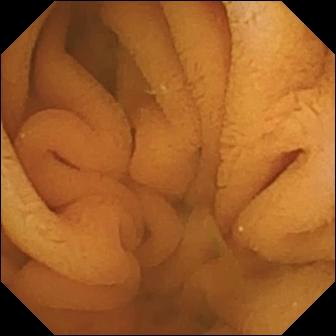Capsule endoscopy image (small bowel). Normal clean mucosa.